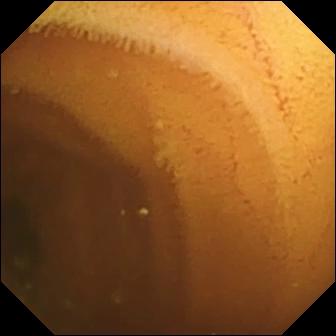VCE — normal clean mucosa.